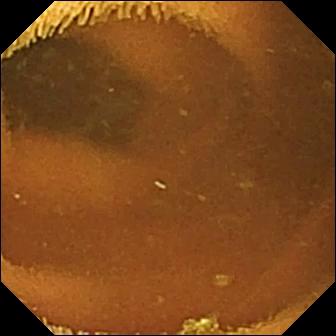WCE. Observation: normal clean mucosa.